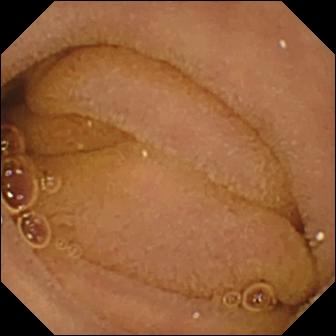Q: What does this WCE frame of the small bowel show?
A: Normal clean mucosa.